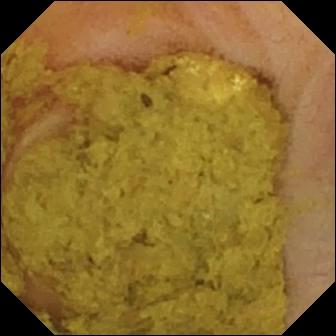Wireless capsule endoscopy view
Location: ileo-cecal valve region (where the capsule passes from the small bowel into the large bowel)